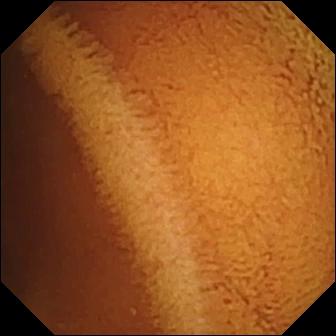Normal clean mucosa.